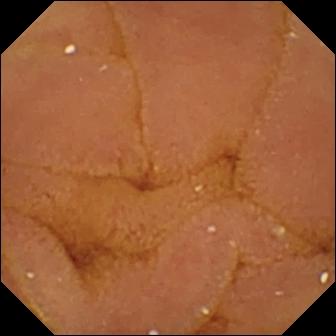Video capsule endoscopy still of the small bowel showing normal clean mucosa.